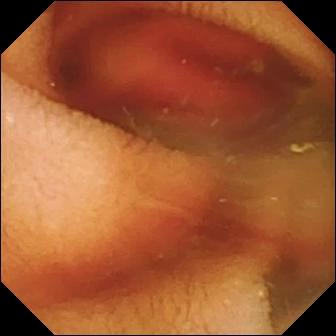VCE. Finding: fresh blood in the lumen.